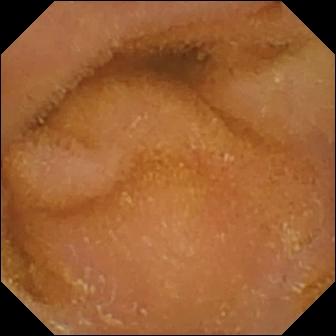modality: video capsule endoscopy; segment: small bowel; observation: normal clean mucosa